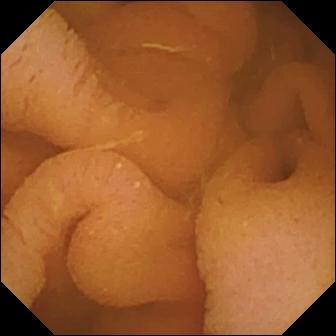Normal clean mucosa (336×336).